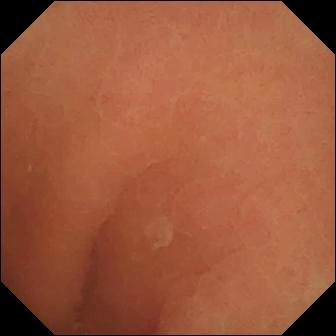Normal clean mucosa.